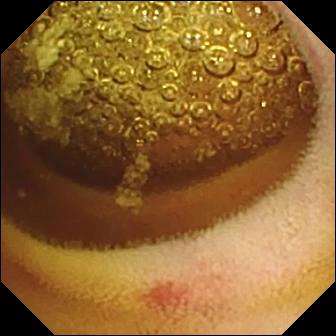Wireless capsule endoscopy image
Finding: erosion